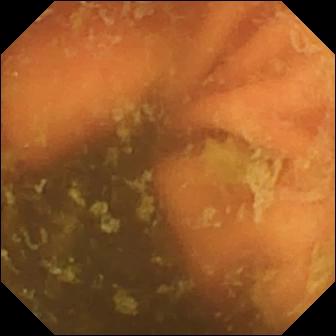Wireless capsule endoscopy view. Taken in the ileo-cecal valve region.